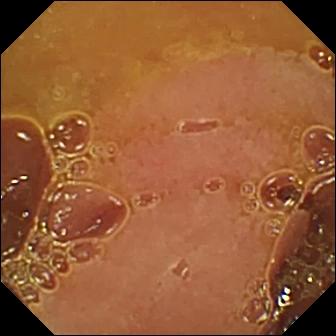- modality: video capsule endoscopy
- label: normal clean mucosa